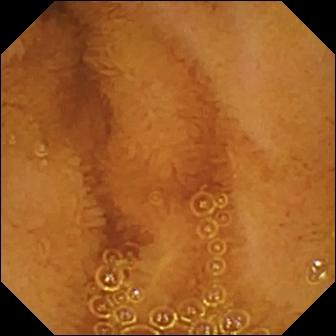Capsule endoscopy view
Label: normal clean mucosa